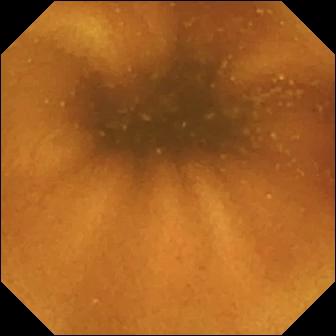PROCEDURE: Small-bowel capsule endoscopy.
SEGMENT: Small bowel.
FINDINGS: Normal clean mucosa.